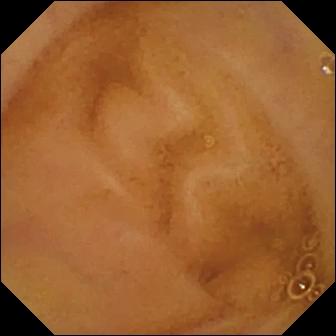PROCEDURE: Wireless capsule endoscopy.
FINDINGS: Normal clean mucosa.